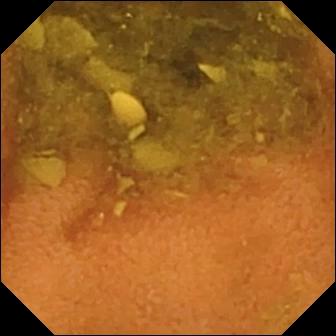VCE frame of the small bowel showing normal clean mucosa.